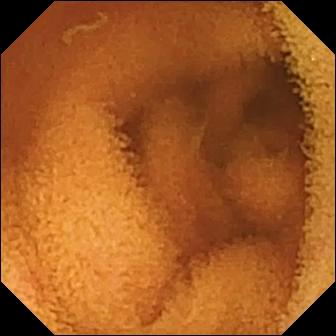Video capsule endoscopy view (small bowel). Normal clean mucosa.